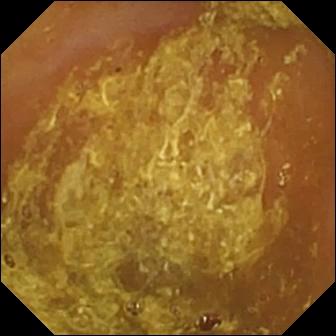Reduced mucosal view (content or bubbles obscuring the mucosa).